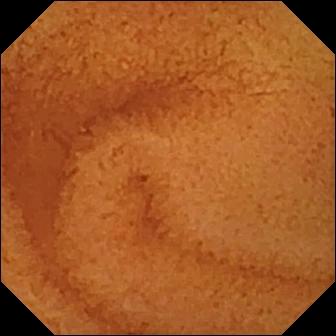Capsule endoscopy still
Observation: normal clean mucosa